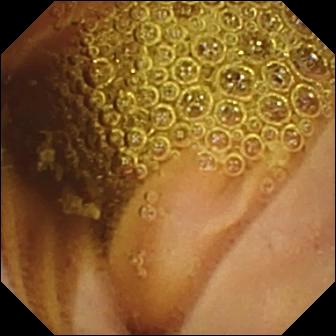Normal clean mucosa — video capsule endoscopy image.